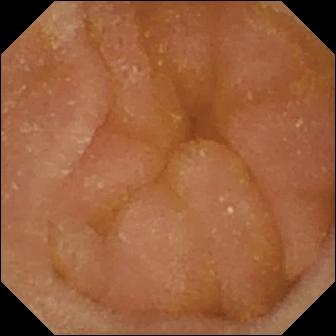PROCEDURE: Capsule endoscopy.
FINDINGS: Normal clean mucosa.